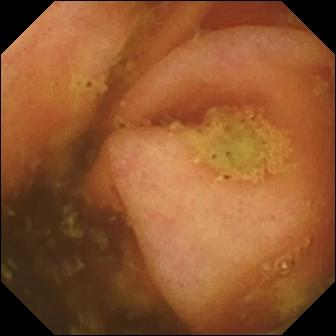PROCEDURE: Small-bowel capsule endoscopy.
POSITION: Ileo-cecal valve region (where the capsule passes from the small bowel into the large bowel).